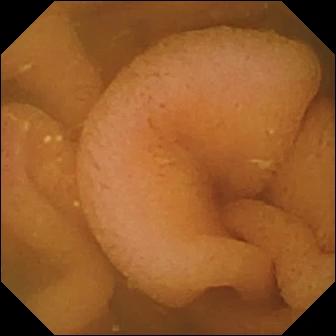- modality: WCE
- category: luminal finding
- observation: normal clean mucosa